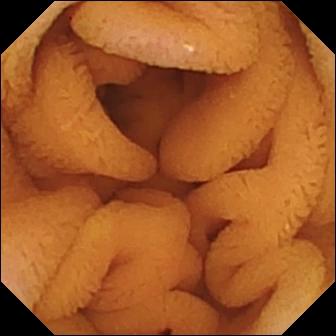Normal clean mucosa — video capsule endoscopy view.